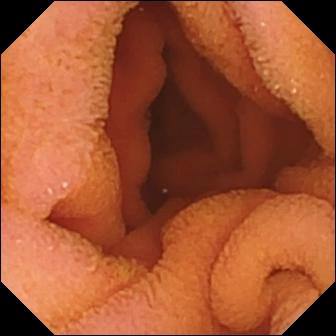VCE — normal clean mucosa.